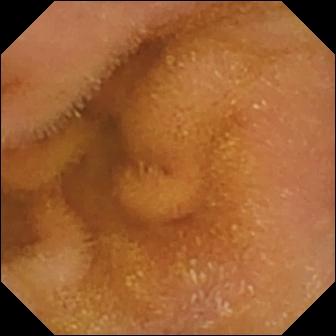This small-bowel capsule endoscopy snapshot shows normal clean mucosa.